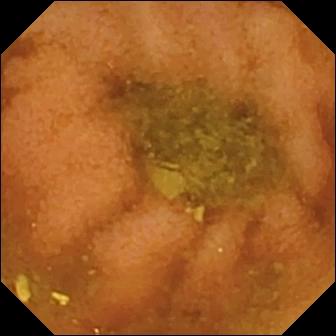Video capsule endoscopy frame, small bowel
Observation: normal clean mucosa